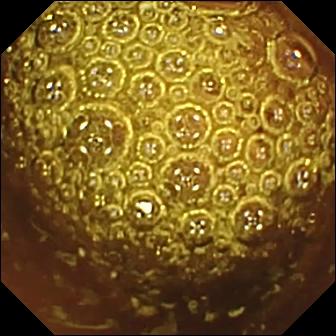Normal clean mucosa — wireless capsule endoscopy snapshot of the small bowel.